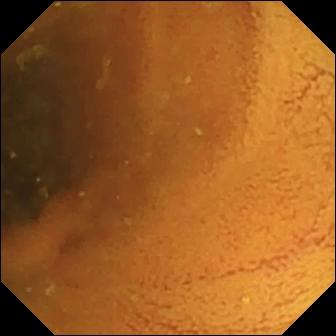- modality: wireless capsule endoscopy
- segment: small bowel
- label: normal clean mucosa